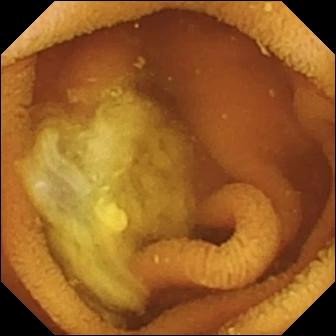Normal clean mucosa — VCE snapshot of the small bowel.